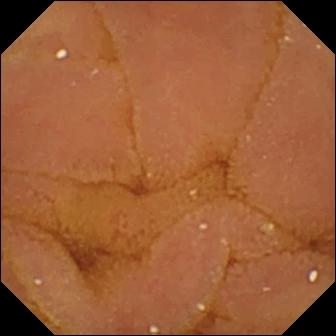PROCEDURE: VCE.
SEGMENT: Small bowel.
FINDINGS: Normal clean mucosa.